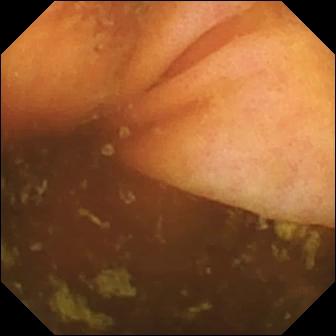PROCEDURE: Wireless capsule endoscopy.
LOCATION: Ileo-cecal valve region (where the capsule passes from the small bowel into the large bowel).